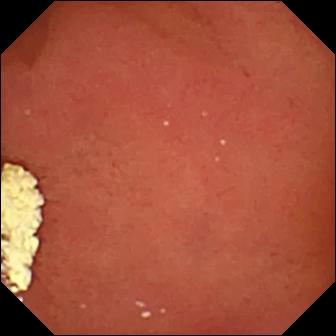{"modality": "WCE", "label": "pylorus region (where the capsule passes from the stomach into the small bowel)"}